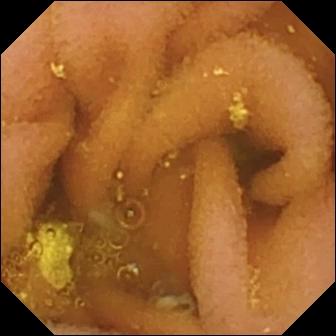This capsule endoscopy view shows lymphangiectasia.